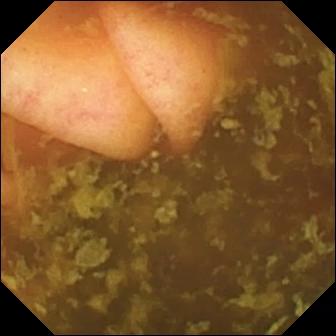Q: Where in the digestive tract was this VCE snapshot taken?
A: Ileo-cecal valve region.